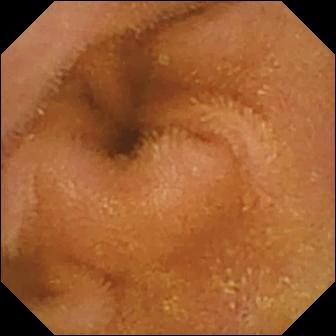VCE view
Finding: normal clean mucosa